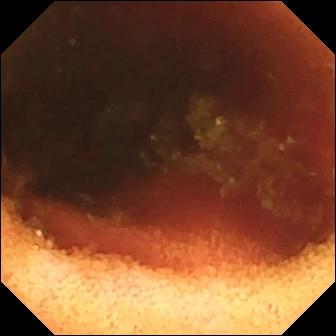PROCEDURE: Small-bowel capsule endoscopy.
VIDEO SEGMENT: Ileo-cecal valve region (where the capsule passes from the small bowel into the large bowel).